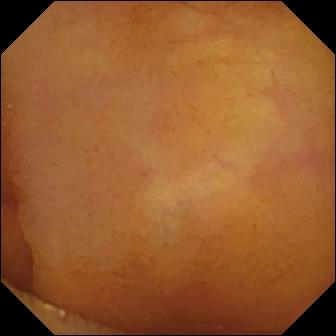Wireless capsule endoscopy — normal clean mucosa.